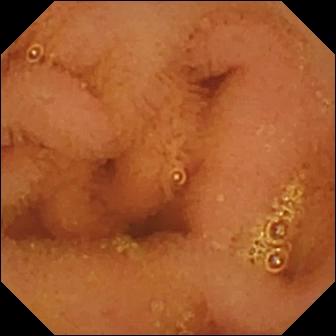Normal clean mucosa — video capsule endoscopy view.